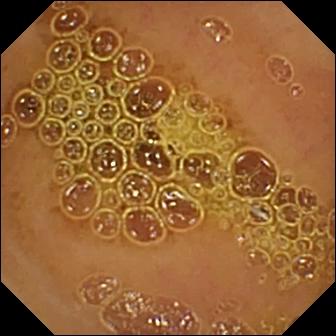PROCEDURE: Capsule endoscopy.
FINDINGS: Normal clean mucosa.